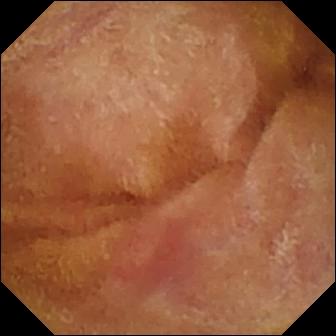Normal clean mucosa — capsule endoscopy still.